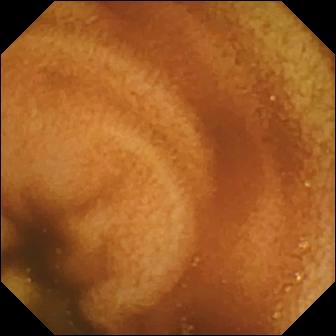Q: What does this wireless capsule endoscopy image of the small bowel show?
A: Normal clean mucosa.